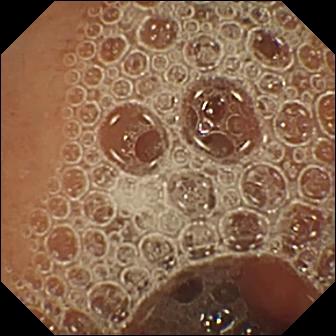WCE snapshot showing normal clean mucosa.